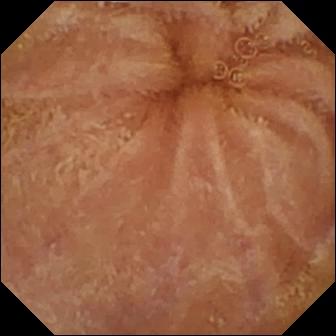Normal clean mucosa — WCE snapshot of the small bowel.